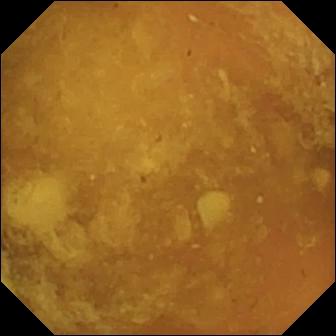VCE image of the small intestine showing reduced mucosal view (content or bubbles obscuring the mucosa).